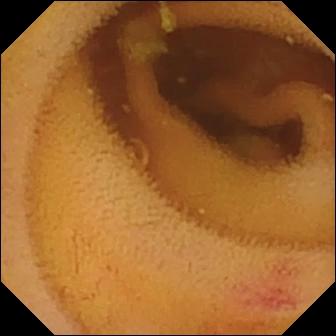Small-bowel capsule endoscopy image showing angiectasia.